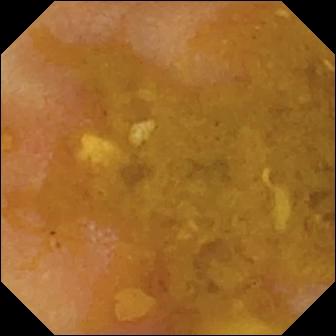modality: capsule endoscopy
impression: reduced mucosal view (content or bubbles obscuring the mucosa)